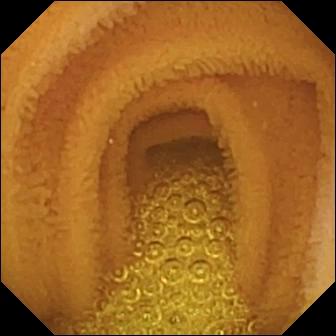This WCE frame shows normal clean mucosa.